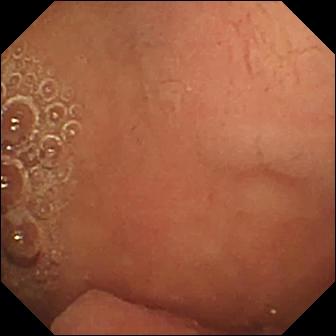Pylorus region — video capsule endoscopy view.